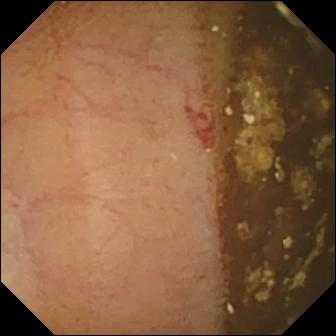PROCEDURE: Wireless capsule endoscopy.
FINDINGS: Angiectasia.